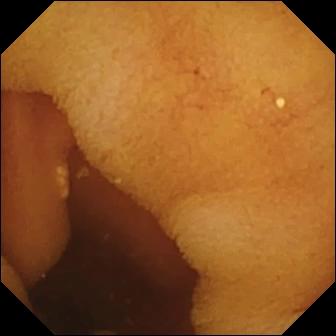This wireless capsule endoscopy frame shows normal clean mucosa.